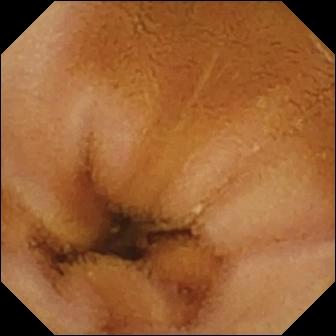This capsule endoscopy snapshot shows normal clean mucosa.